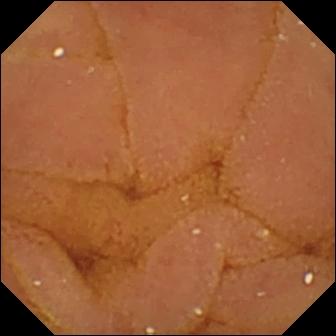Video capsule endoscopy frame, small bowel
Observation: normal clean mucosa